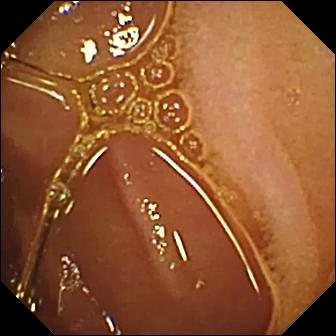Wireless capsule endoscopy frame, small intestine
Finding: normal clean mucosa